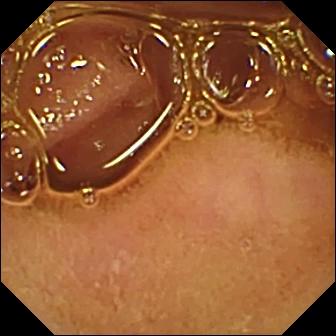Normal clean mucosa.